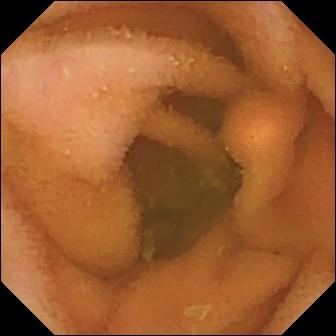Wireless capsule endoscopy snapshot (small intestine). Normal clean mucosa.